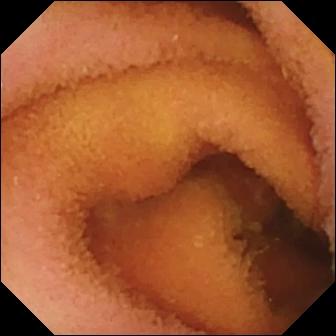This capsule endoscopy image of the small bowel shows normal clean mucosa.